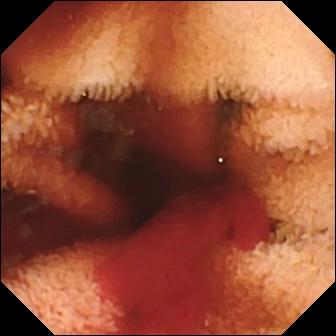VCE. Luminal finding. Label: fresh blood in the lumen.